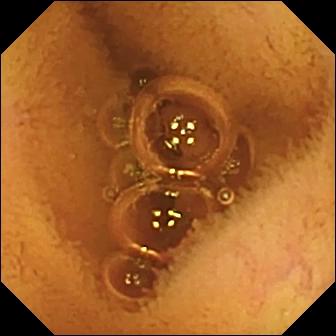Normal clean mucosa — video capsule endoscopy snapshot of the small intestine.